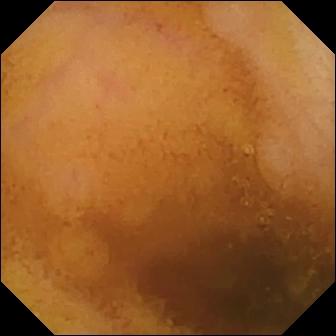modality: WCE
label: normal clean mucosa